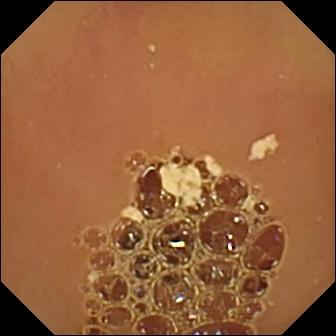modality: wireless capsule endoscopy; segment: small bowel; impression: normal clean mucosa